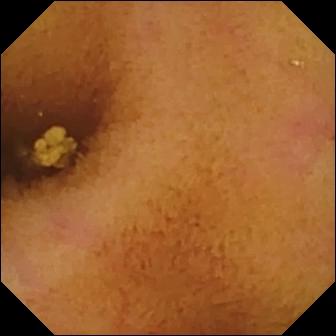- modality: VCE
- segment: small bowel
- finding: normal clean mucosa